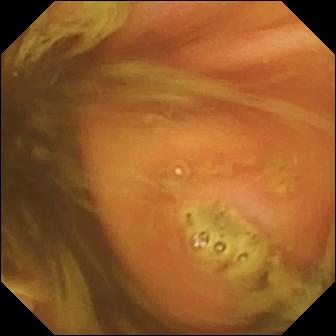VCE. Position: ileo-cecal valve region (the transition from the small bowel to the large bowel).